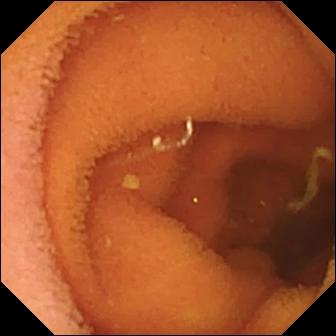Video capsule endoscopy. Small intestine. Label: normal clean mucosa.